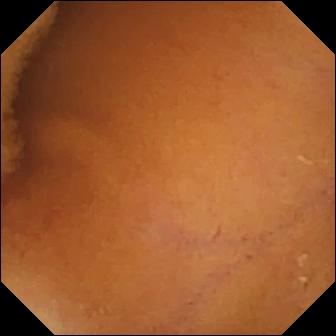This small-bowel capsule endoscopy still of the small intestine shows normal clean mucosa.